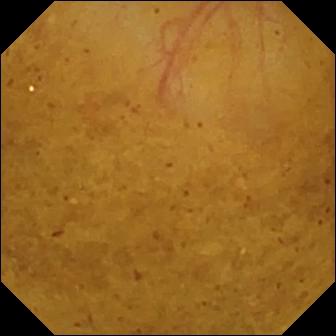PROCEDURE: Capsule endoscopy.
VIDEO SEGMENT: Ileo-cecal valve region (the transition from the small bowel to the large bowel).